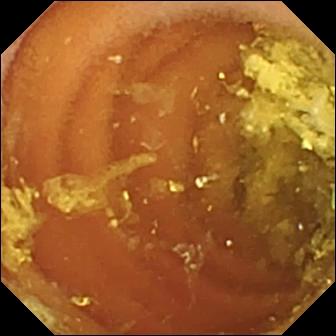modality: video capsule endoscopy; impression: normal clean mucosa